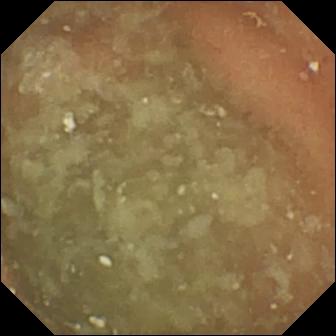{"modality": "small-bowel capsule endoscopy", "segment": "small bowel", "finding": "normal clean mucosa"}